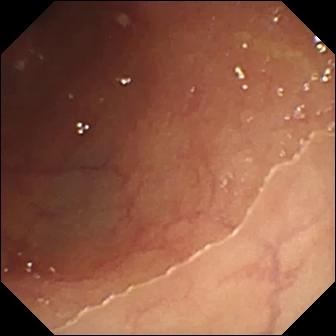VCE. Impression: ulcer.